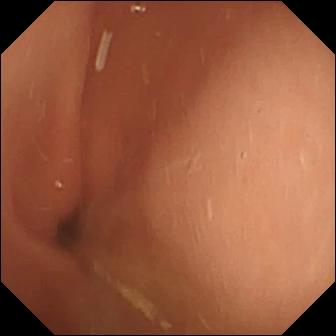Video capsule endoscopy snapshot taken in the pylorus region (where the capsule passes from the stomach into the small bowel).